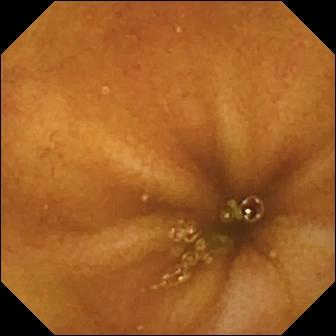{"modality": "capsule endoscopy", "finding": "normal clean mucosa"}